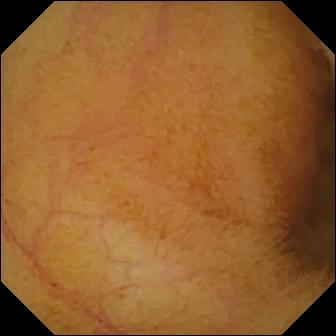Normal clean mucosa — small-bowel capsule endoscopy still.